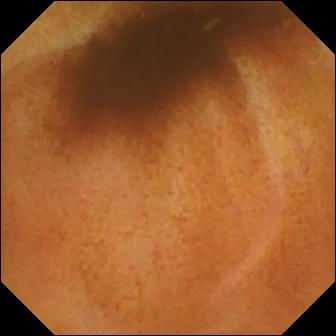Small-bowel capsule endoscopy snapshot showing normal clean mucosa.